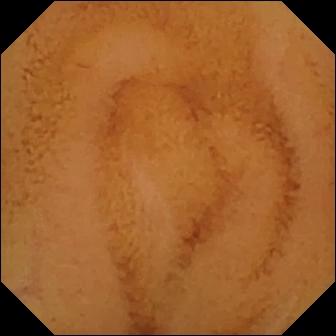PROCEDURE: Video capsule endoscopy.
FINDINGS: Normal clean mucosa.